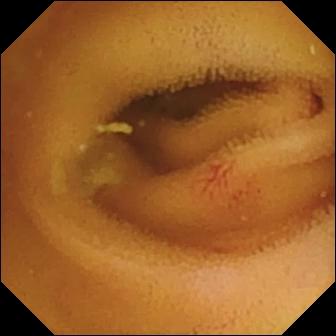{"modality": "small-bowel capsule endoscopy", "finding": "angiectasia"}